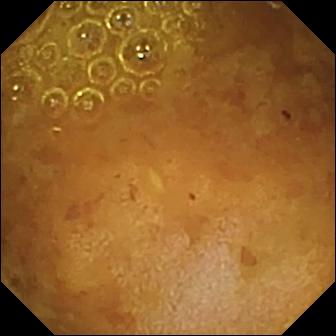Capsule endoscopy frame (small bowel). Reduced mucosal view (content or bubbles obscuring the mucosa).